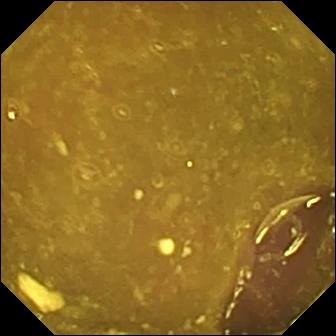WCE still
Finding: reduced mucosal view (content or bubbles obscuring the mucosa)